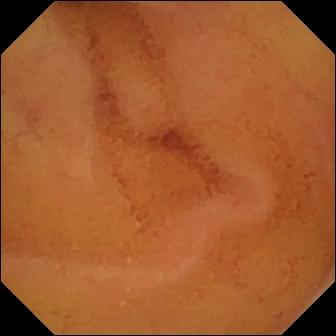- modality: VCE
- segment: small bowel
- category: luminal finding
- label: normal clean mucosa